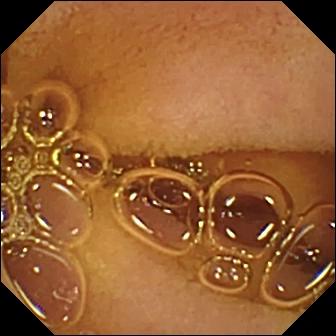Normal clean mucosa.